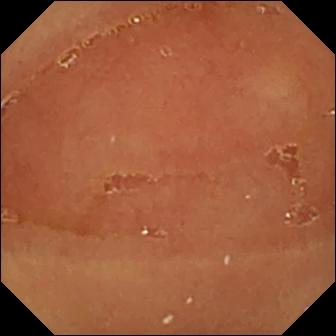This VCE view shows normal clean mucosa.